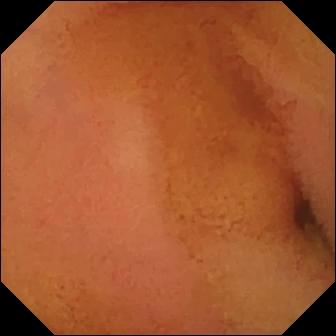- modality: WCE
- segment: small bowel
- impression: normal clean mucosa